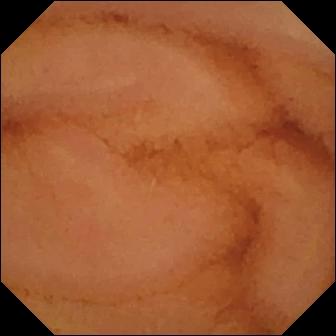modality: video capsule endoscopy
segment: small intestine
observation: normal clean mucosa